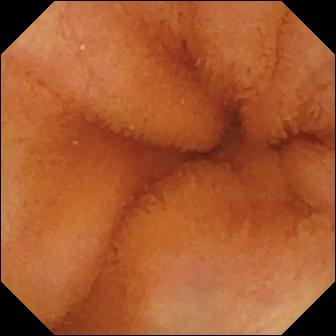modality: video capsule endoscopy
finding: normal clean mucosa